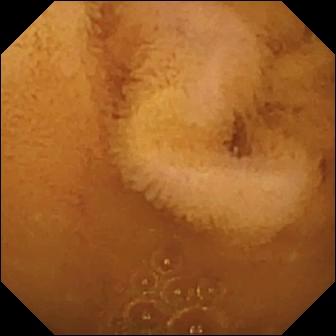Normal clean mucosa.